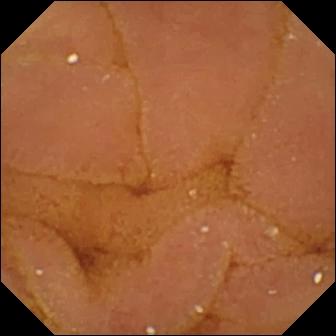Video capsule endoscopy snapshot (small bowel). Normal clean mucosa.